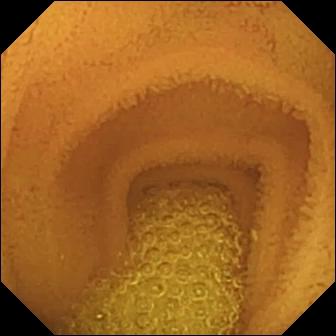WCE. Impression: normal clean mucosa.